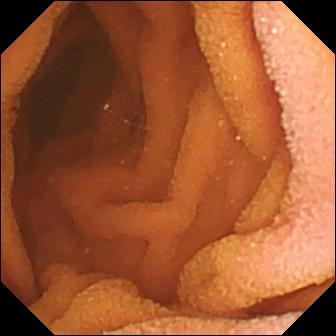Normal clean mucosa — small-bowel capsule endoscopy frame of the small intestine.